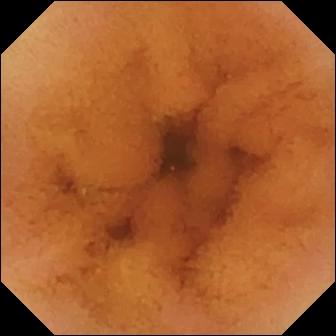{"modality": "small-bowel capsule endoscopy", "finding": "normal clean mucosa"}